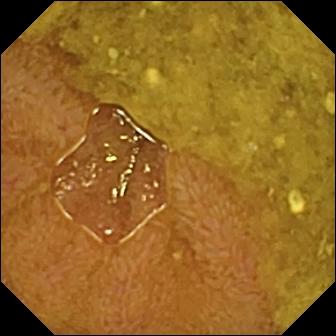- modality: wireless capsule endoscopy
- category: anatomical landmark
- position: ileo-cecal valve region